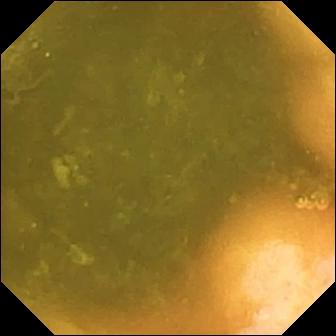This video capsule endoscopy still was taken in the ileo-cecal valve region.